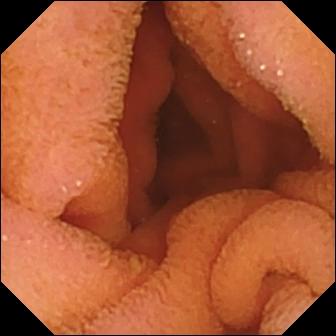{"modality": "wireless capsule endoscopy", "finding": "normal clean mucosa"}